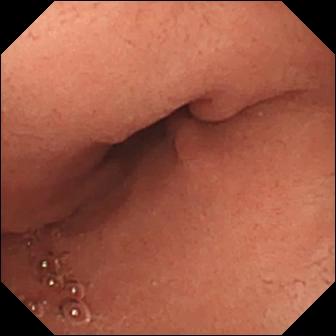VCE still
Label: pylorus region (the junction between the stomach and the small bowel)